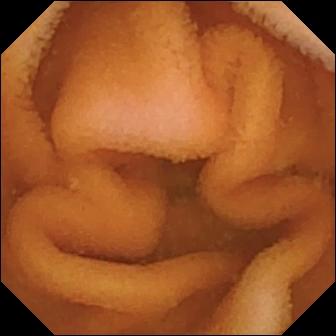modality: VCE
observation: normal clean mucosa